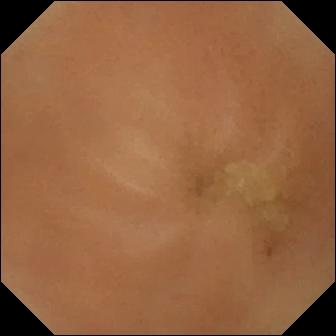Normal clean mucosa.